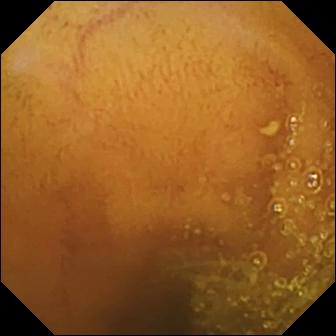Capsule endoscopy image showing normal clean mucosa.